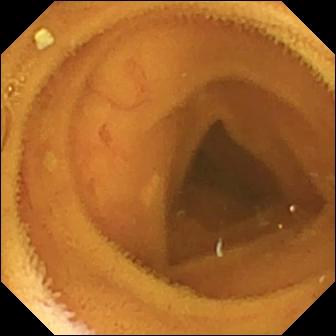Small-bowel capsule endoscopy view showing normal clean mucosa.